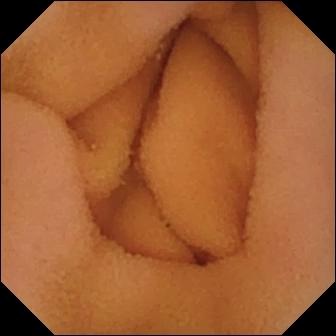Capsule endoscopy — normal clean mucosa.